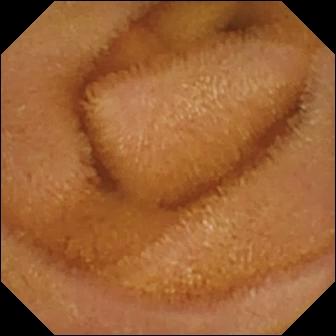Wireless capsule endoscopy frame. Normal clean mucosa.